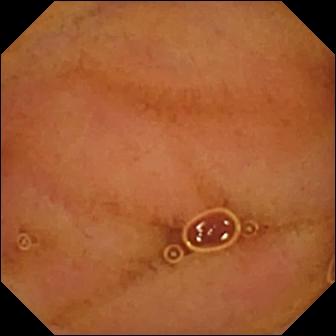Normal clean mucosa (336×336).